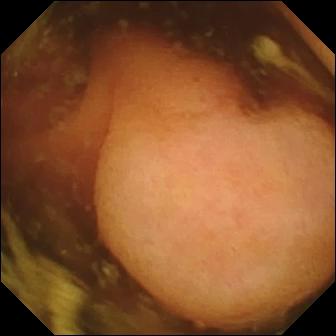Polyp.